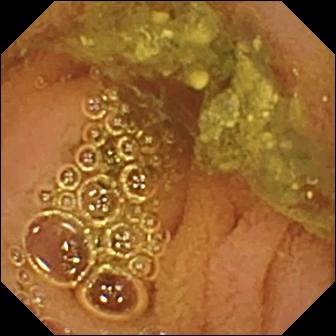Small-bowel capsule endoscopy — normal clean mucosa.